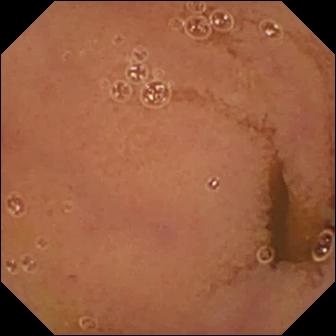VCE — normal clean mucosa.